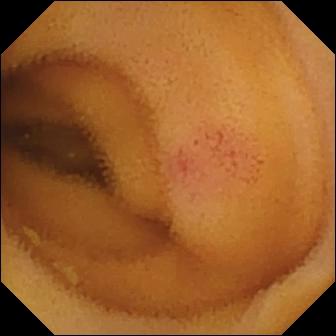{"modality": "VCE", "finding": "angiectasia"}